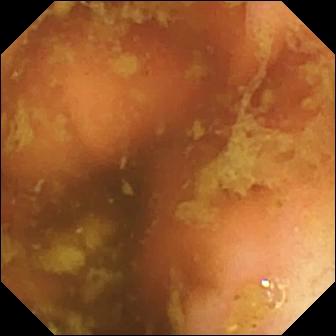VCE view. Taken in the ileo-cecal valve region (where the capsule passes from the small bowel into the large bowel).